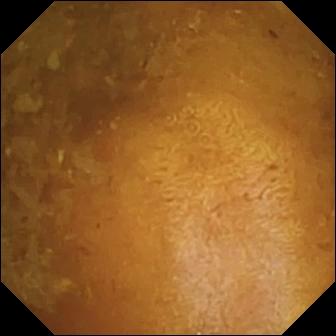WCE — reduced mucosal view (content or bubbles obscuring the mucosa).